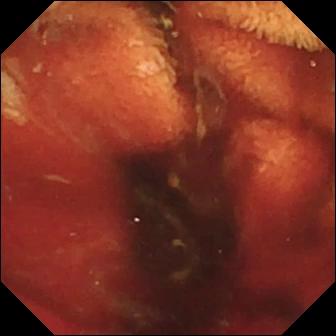- modality: video capsule endoscopy
- category: luminal finding
- impression: fresh blood in the lumen